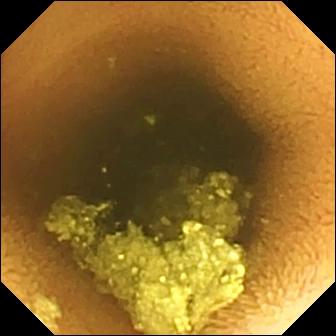modality: small-bowel capsule endoscopy
segment: small intestine
finding: normal clean mucosa